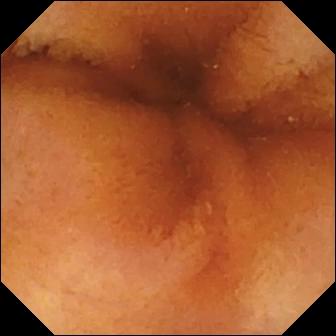Wireless capsule endoscopy frame
Finding: normal clean mucosa